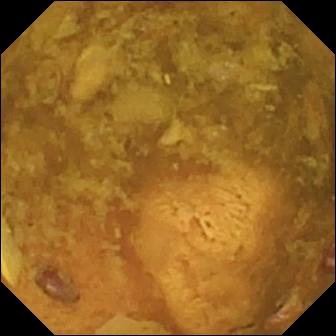Small-bowel capsule endoscopy view
Label: reduced mucosal view (content or bubbles obscuring the mucosa)